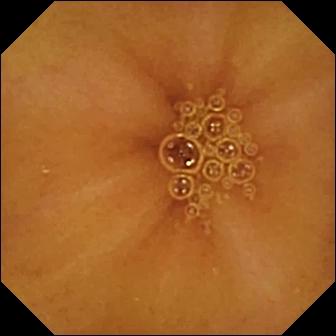Video capsule endoscopy — normal clean mucosa.